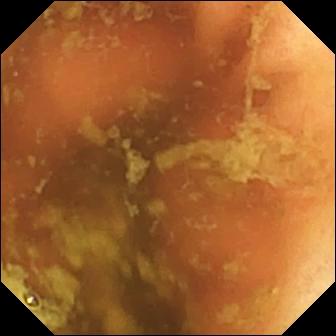Capsule endoscopy. Video segment: ileo-cecal valve region (where the capsule passes from the small bowel into the large bowel).